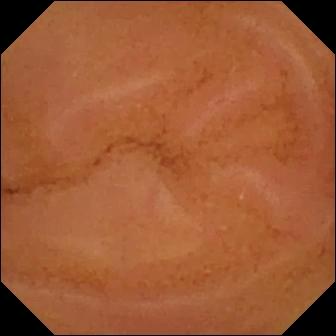- modality: small-bowel capsule endoscopy
- observation: normal clean mucosa